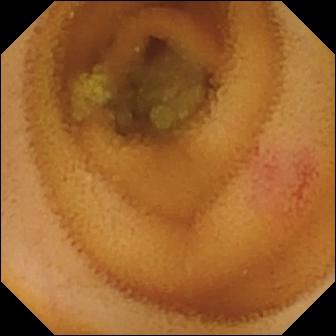Wireless capsule endoscopy image
Label: angiectasia